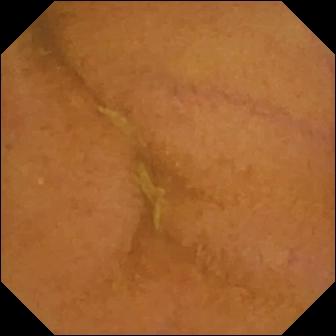Q: What does this WCE snapshot show?
A: Normal clean mucosa.